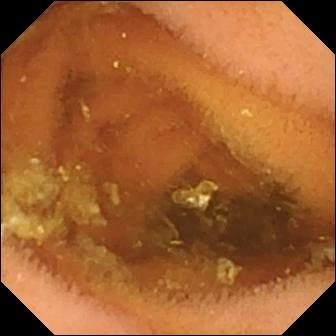Capsule endoscopy — normal clean mucosa.